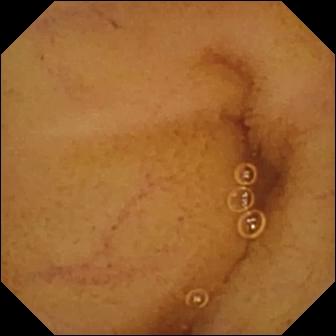WCE — normal clean mucosa.